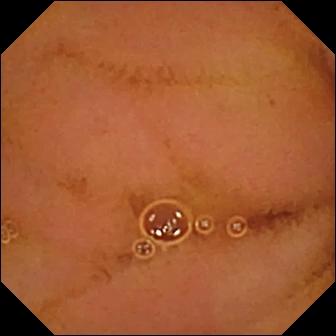This video capsule endoscopy frame shows normal clean mucosa.